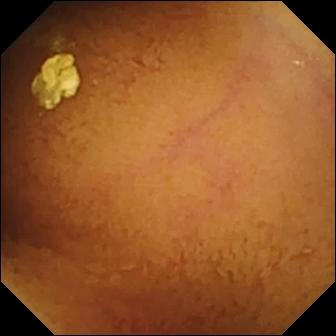- modality: wireless capsule endoscopy
- finding: normal clean mucosa